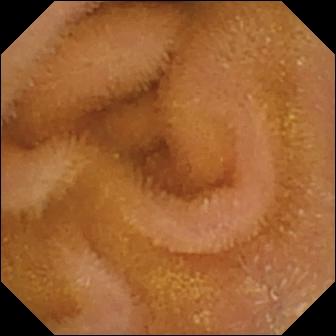This small-bowel capsule endoscopy image shows normal clean mucosa.